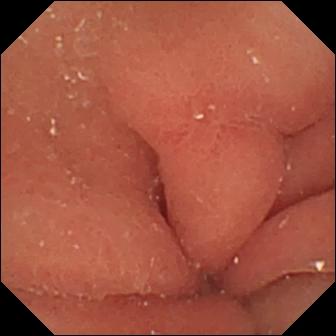Wireless capsule endoscopy — erosion.